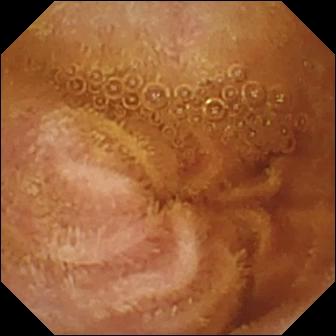{"modality": "wireless capsule endoscopy", "finding": "normal clean mucosa"}